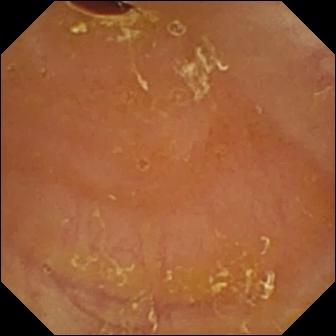WCE view. Reduced mucosal view (content or bubbles obscuring the mucosa).